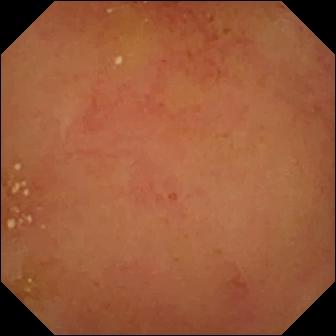- modality: video capsule endoscopy
- segment: small intestine
- impression: normal clean mucosa